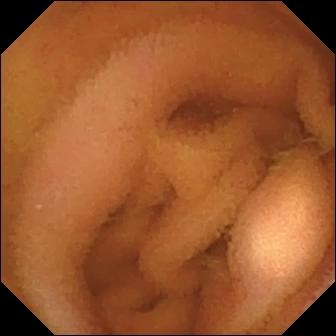Normal clean mucosa.